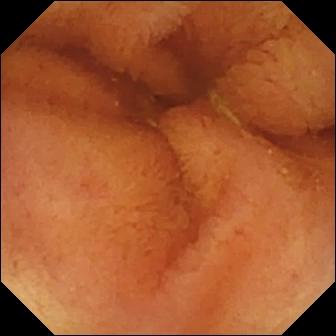PROCEDURE: Wireless capsule endoscopy.
FINDINGS: Normal clean mucosa.